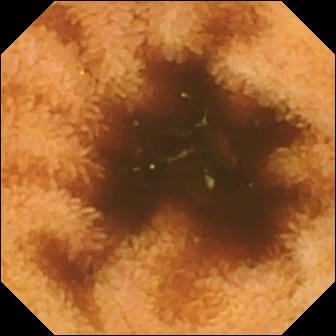Normal clean mucosa.